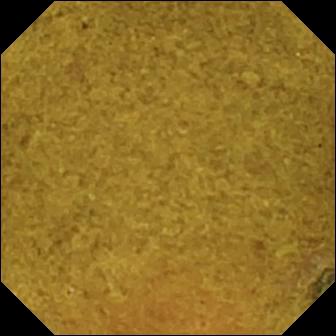Capsule endoscopy snapshot
Video segment: ileo-cecal valve region